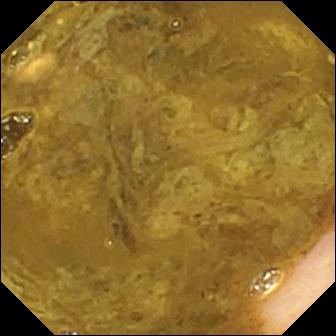Capsule endoscopy — ileo-cecal valve region (where the capsule passes from the small bowel into the large bowel).